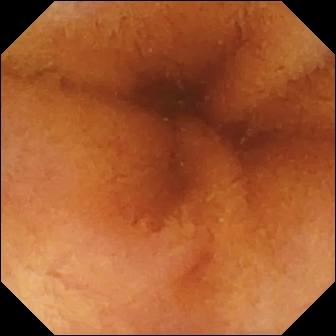Normal clean mucosa — capsule endoscopy snapshot of the small bowel.